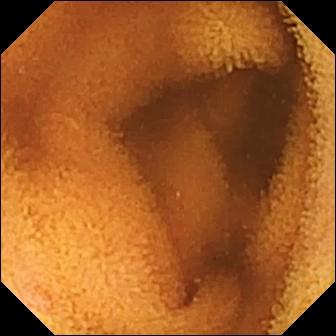Capsule endoscopy frame, small bowel
Finding: normal clean mucosa